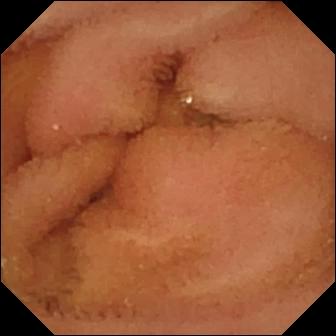Video capsule endoscopy — normal clean mucosa.